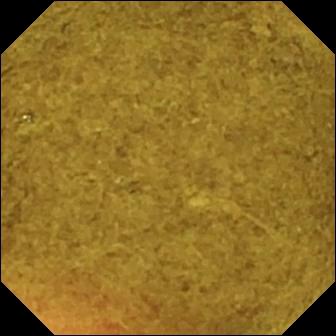WCE still
Location: ileo-cecal valve region